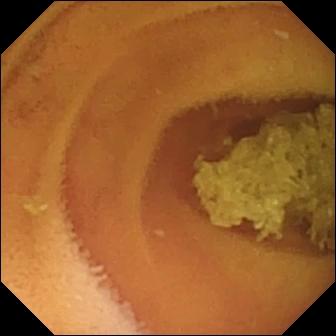{"modality": "video capsule endoscopy", "segment": "small intestine", "finding": "normal clean mucosa"}